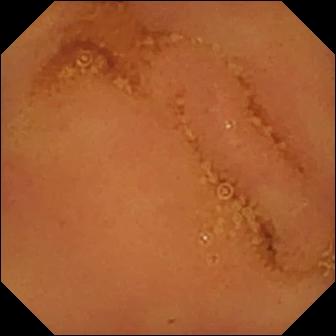Q: What does this VCE frame show?
A: Normal clean mucosa.